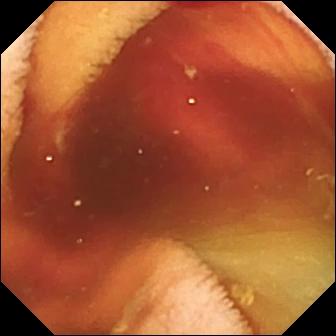Fresh blood in the lumen — small-bowel capsule endoscopy still.